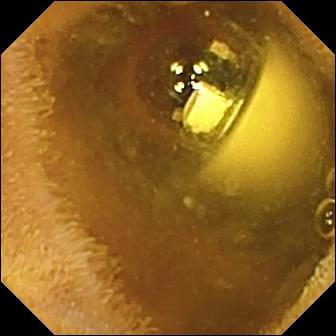Wireless capsule endoscopy — foreign body (e.g. retained capsule, tablet residue).